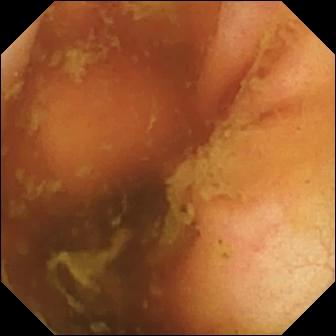VCE view
Position: ileo-cecal valve region